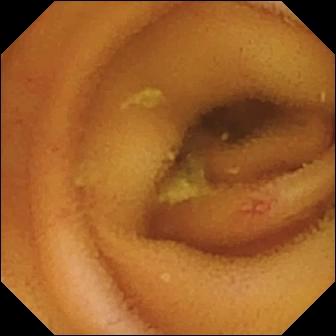Wireless capsule endoscopy — angiectasia.